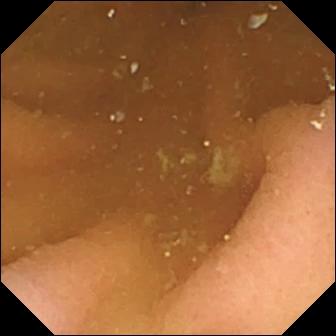- modality: VCE
- location: pylorus region (the junction between the stomach and the small bowel)